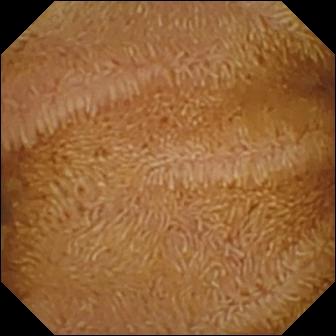modality: capsule endoscopy | finding: normal clean mucosa